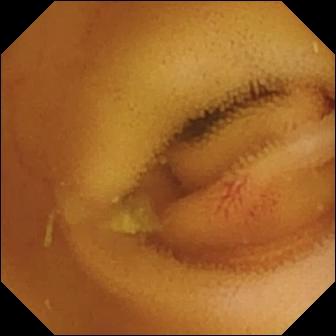- modality: video capsule endoscopy
- impression: angiectasia